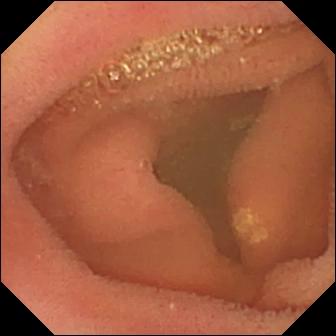modality: capsule endoscopy | finding: lymphangiectasia